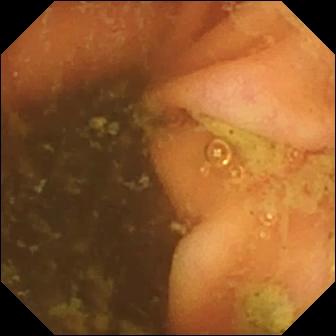- modality: WCE
- position: ileo-cecal valve region (where the capsule passes from the small bowel into the large bowel)